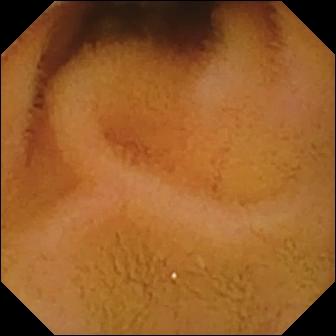modality: small-bowel capsule endoscopy; segment: small bowel; impression: normal clean mucosa